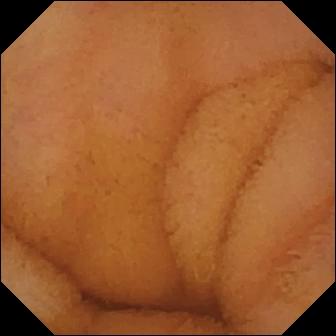This video capsule endoscopy snapshot shows normal clean mucosa.